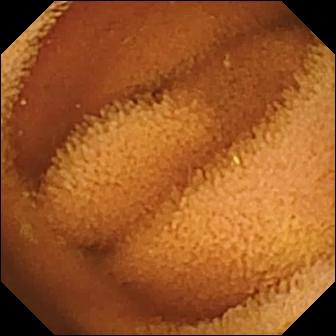Small-bowel capsule endoscopy — normal clean mucosa.